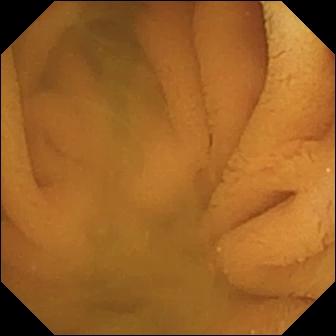This small-bowel capsule endoscopy view shows normal clean mucosa.